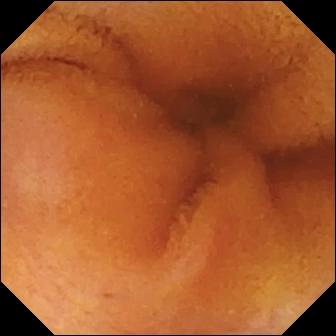PROCEDURE: WCE.
SEGMENT: Small bowel.
FINDINGS: Normal clean mucosa.